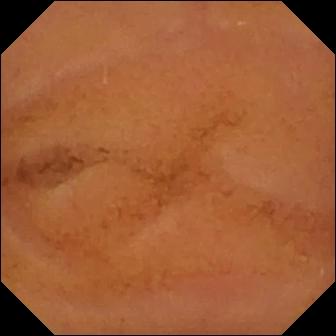Normal clean mucosa — capsule endoscopy frame of the small intestine.